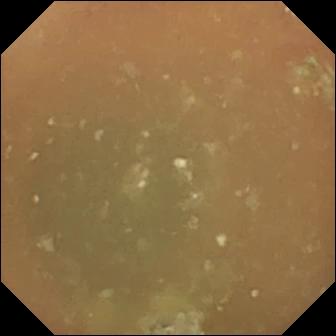Normal clean mucosa — wireless capsule endoscopy snapshot of the small bowel.